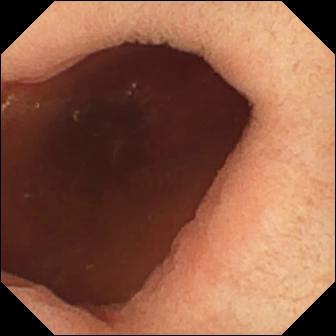Q: Where in the digestive tract was this small-bowel capsule endoscopy frame taken?
A: Pylorus region (the junction between the stomach and the small bowel).